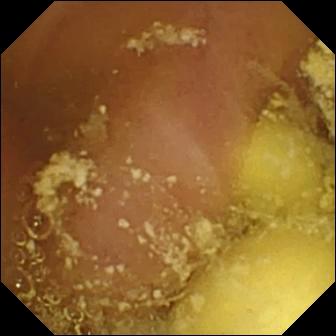Q: What does this VCE still show?
A: Foreign body (e.g. retained capsule, tablet residue).